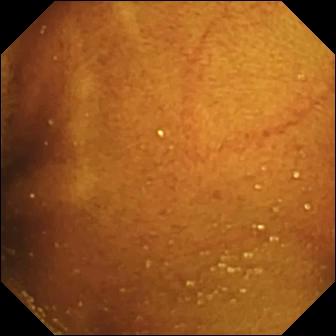VCE — ileo-cecal valve region.